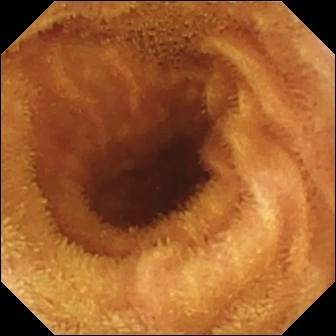VCE — normal clean mucosa.